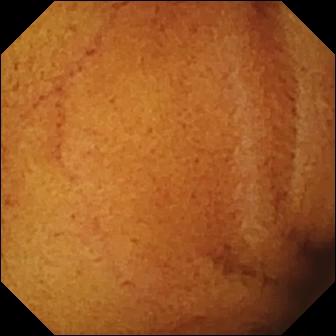{"modality": "WCE", "segment": "small bowel", "category": "luminal finding", "finding": "normal clean mucosa"}